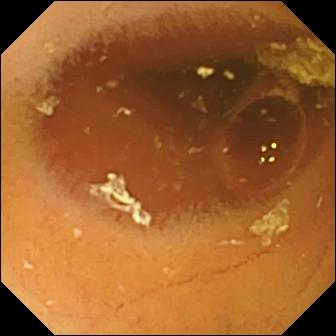Video capsule endoscopy still of the small bowel showing normal clean mucosa.